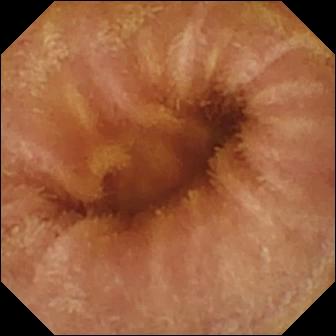Small-bowel capsule endoscopy frame showing normal clean mucosa.